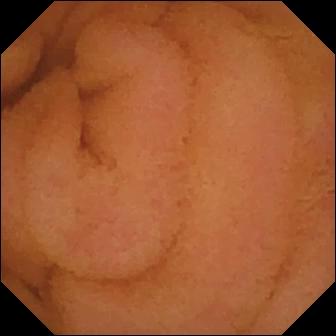Normal clean mucosa — capsule endoscopy still of the small bowel.